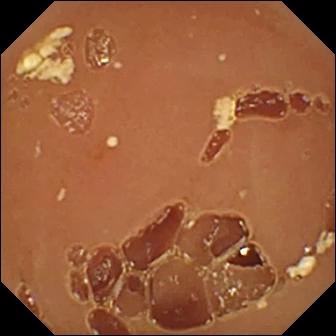Video capsule endoscopy. Impression: normal clean mucosa.